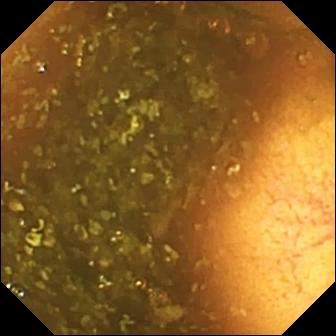PROCEDURE: Video capsule endoscopy.
LOCATION: Ileo-cecal valve region (the transition from the small bowel to the large bowel).